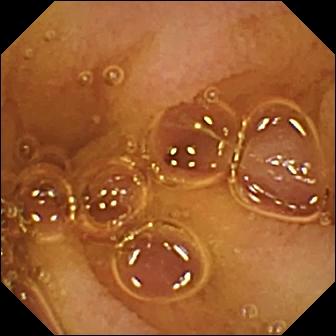Small-bowel capsule endoscopy. Small bowel. Label: normal clean mucosa.